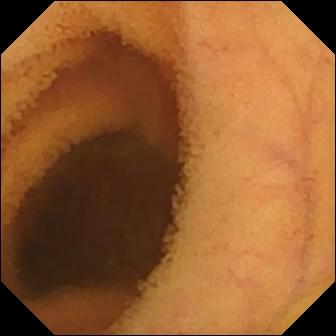Small-bowel capsule endoscopy still of the small intestine showing normal clean mucosa.